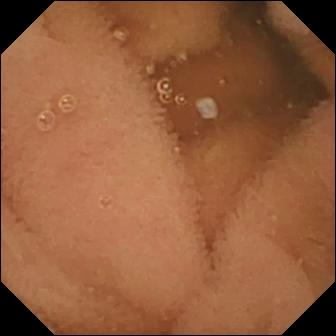VCE frame (small bowel). Normal clean mucosa.